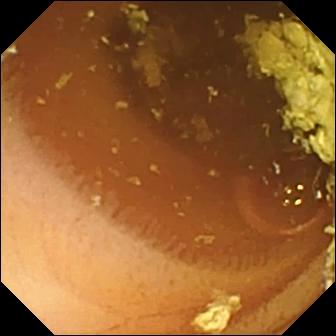Q: What does this wireless capsule endoscopy image of the small bowel show?
A: Normal clean mucosa.